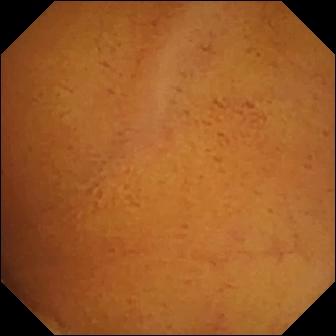Capsule endoscopy view, small intestine
Impression: normal clean mucosa